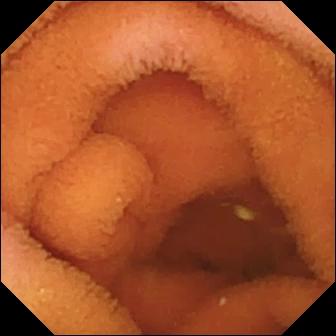WCE frame of the small bowel showing normal clean mucosa.